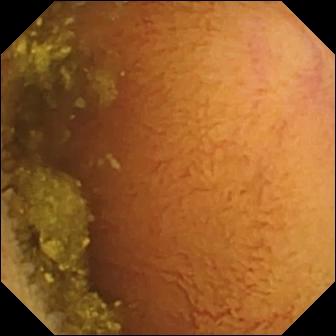Normal clean mucosa.